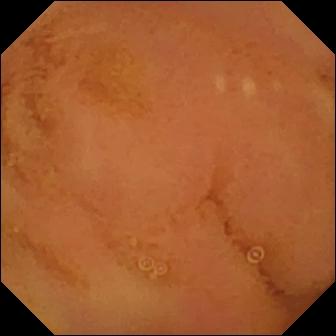Normal clean mucosa.